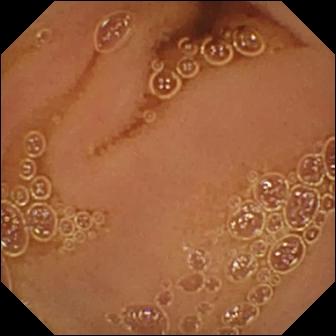Normal clean mucosa — WCE frame of the small bowel.